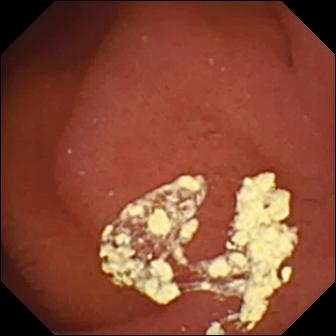Q: Where in the digestive tract was this wireless capsule endoscopy image taken?
A: Pylorus region.